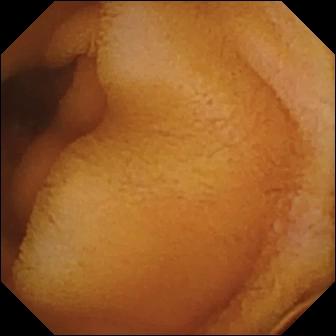{"modality": "WCE", "finding": "normal clean mucosa"}